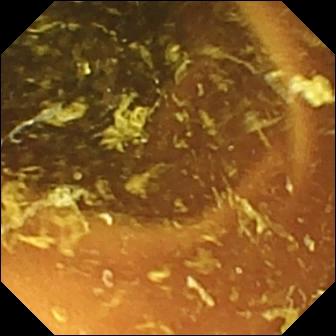Q: What does this capsule endoscopy still of the small bowel show?
A: Normal clean mucosa.